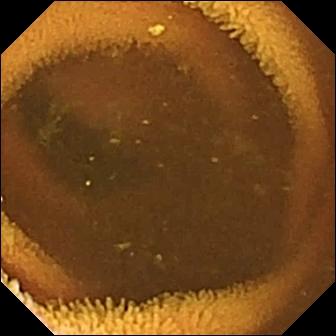Wireless capsule endoscopy snapshot. Normal clean mucosa.